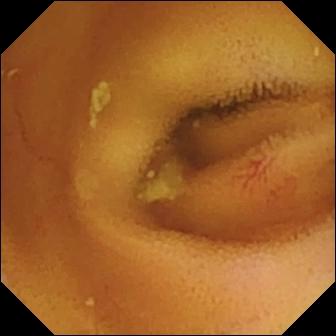Wireless capsule endoscopy — angiectasia.